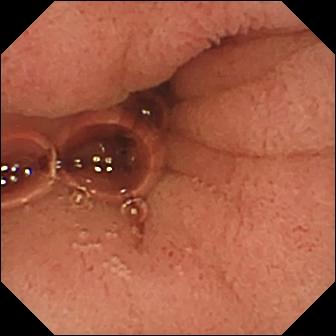Capsule endoscopy frame. Taken in the pylorus region.